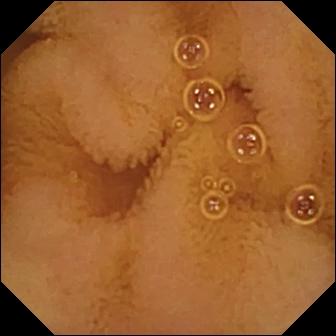{"modality": "small-bowel capsule endoscopy", "segment": "small bowel", "finding": "normal clean mucosa"}